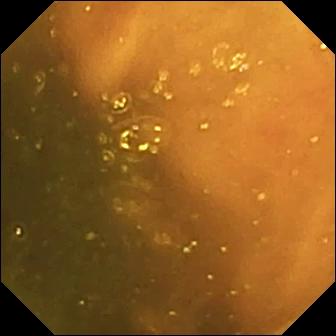{"modality": "video capsule endoscopy", "category": "anatomical landmark", "position": "ileo-cecal valve region"}